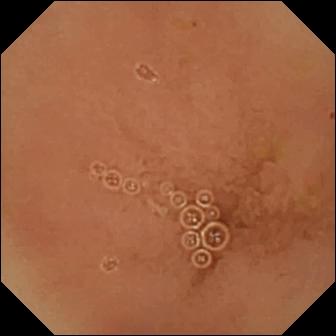{"modality": "video capsule endoscopy", "finding": "normal clean mucosa"}